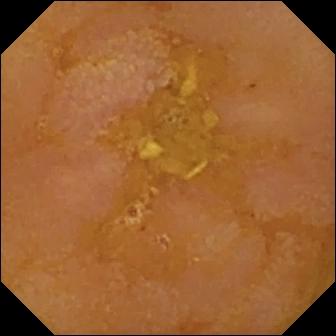Wireless capsule endoscopy snapshot, 336×336. Reduced mucosal view (content or bubbles obscuring the mucosa).